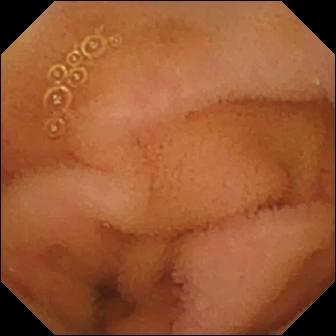{"modality": "capsule endoscopy", "finding": "normal clean mucosa"}